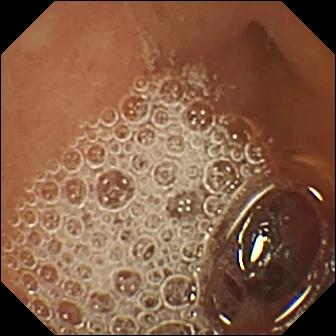Normal clean mucosa.